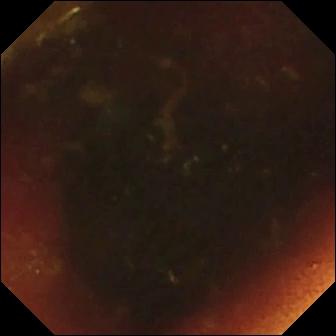Q: Where in the digestive tract was this video capsule endoscopy snapshot taken?
A: Ileo-cecal valve region (the transition from the small bowel to the large bowel).